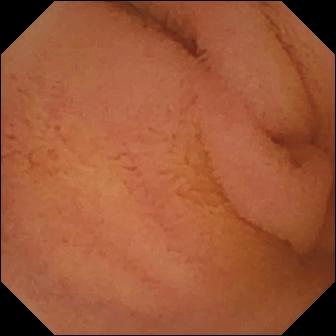Q: What does this small-bowel capsule endoscopy snapshot of the small bowel show?
A: Normal clean mucosa.